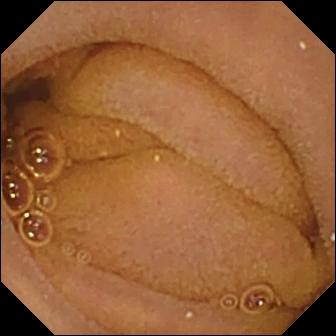Small-bowel capsule endoscopy frame of the small intestine showing normal clean mucosa.